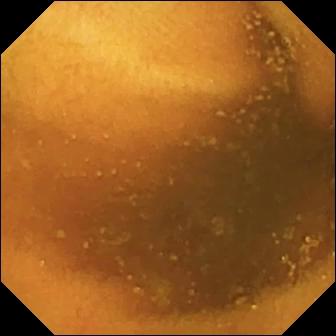Normal clean mucosa — small-bowel capsule endoscopy still of the small intestine.